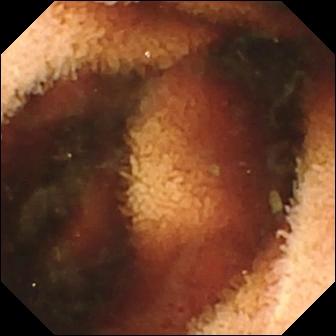WCE image. Fresh blood in the lumen.